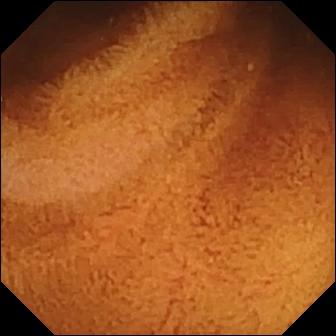- modality: small-bowel capsule endoscopy
- finding: normal clean mucosa